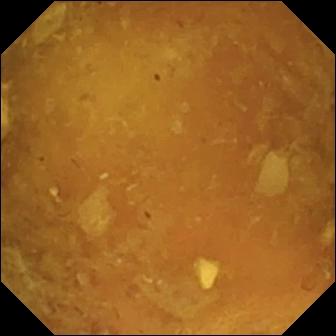This capsule endoscopy frame of the small intestine shows reduced mucosal view (content or bubbles obscuring the mucosa).